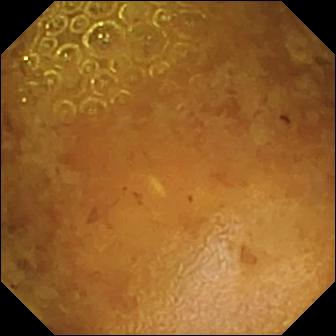Reduced mucosal view (content or bubbles obscuring the mucosa) (336×336).